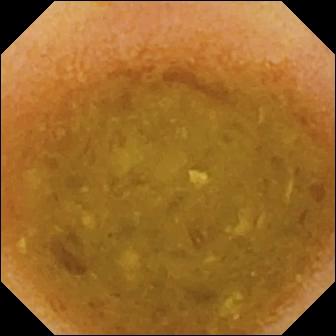Small-bowel capsule endoscopy still (small bowel), 336×336. Reduced mucosal view (content or bubbles obscuring the mucosa).